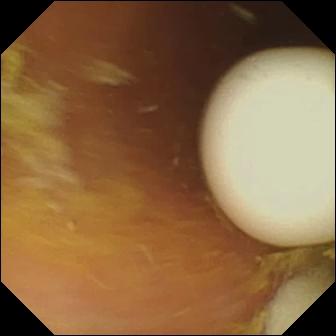This WCE image shows foreign body (e.g. retained capsule, tablet residue).